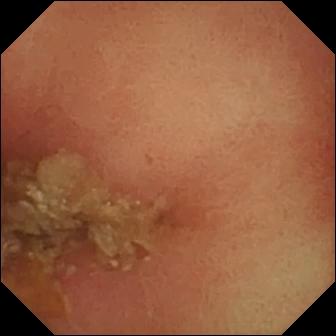Q: Where in the digestive tract was this VCE frame taken?
A: Pylorus region.